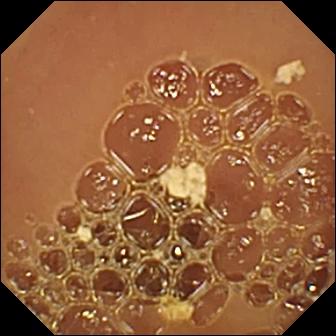{"modality": "WCE", "segment": "small intestine", "category": "luminal finding", "finding": "normal clean mucosa"}